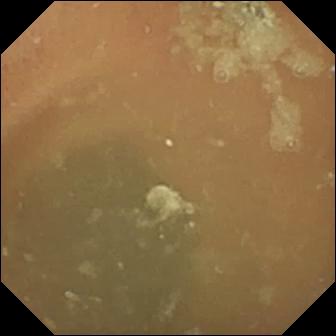WCE. Luminal finding. Label: normal clean mucosa.